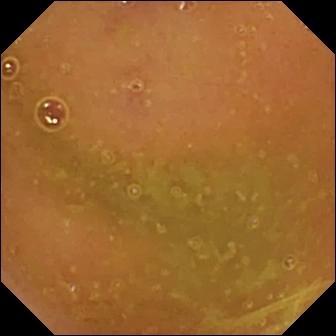- modality: wireless capsule endoscopy
- category: luminal finding
- observation: normal clean mucosa